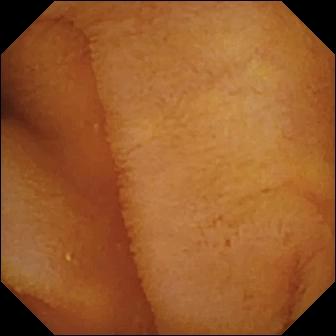VCE frame of the small intestine showing normal clean mucosa.